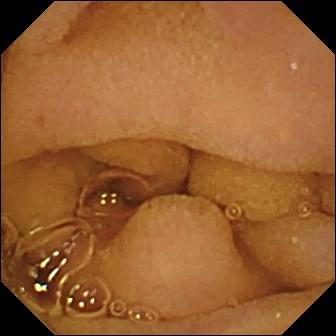Normal clean mucosa.